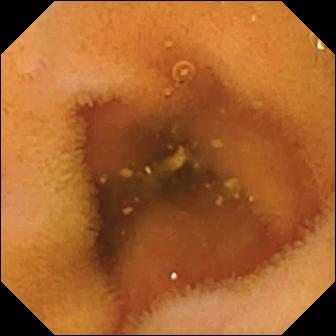{"modality": "wireless capsule endoscopy", "finding": "normal clean mucosa"}